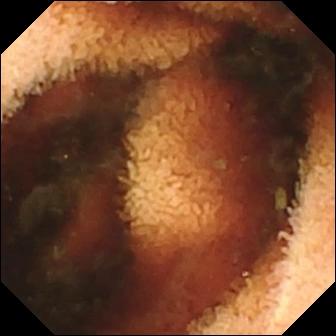VCE snapshot, 336×336. Fresh blood in the lumen.